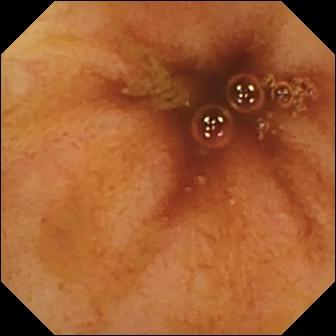Wireless capsule endoscopy still taken in the ileo-cecal valve region.